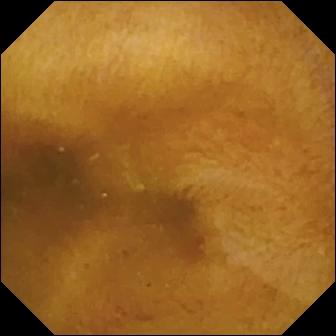Normal clean mucosa (336×336).